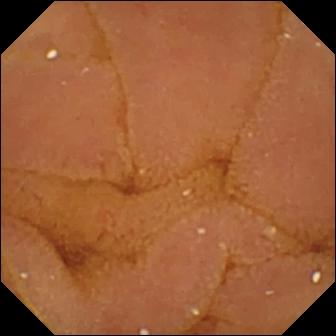PROCEDURE: WCE.
SEGMENT: Small bowel.
FINDINGS: Normal clean mucosa.